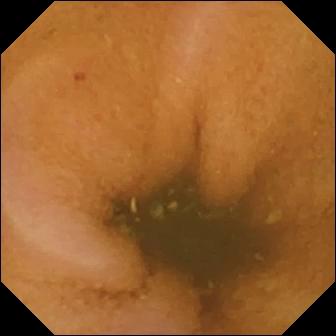modality: video capsule endoscopy; category: luminal finding; observation: normal clean mucosa